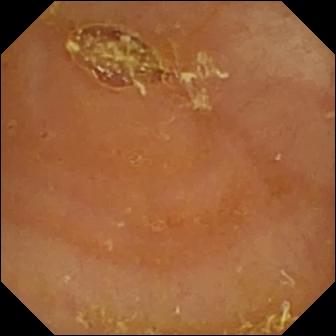Capsule endoscopy — reduced mucosal view (content or bubbles obscuring the mucosa).